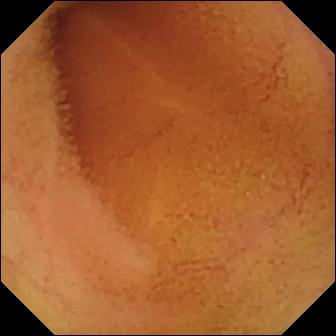Small-bowel capsule endoscopy — normal clean mucosa.